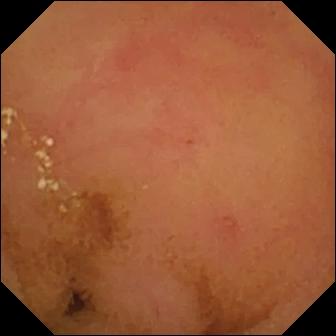Video capsule endoscopy snapshot (small bowel), 336×336. Normal clean mucosa.